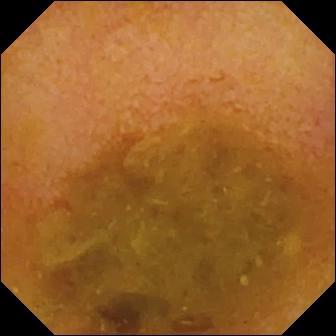Q: What does this VCE view show?
A: Reduced mucosal view (content or bubbles obscuring the mucosa).